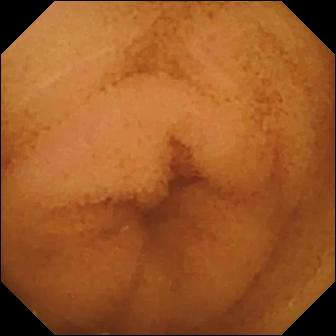Small-bowel capsule endoscopy still of the small bowel showing normal clean mucosa.